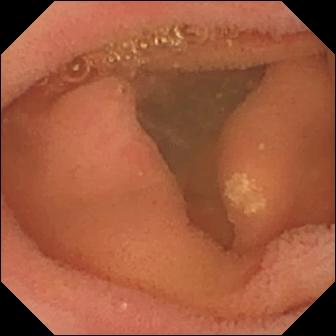{"modality": "WCE", "category": "luminal finding", "finding": "lymphangiectasia"}